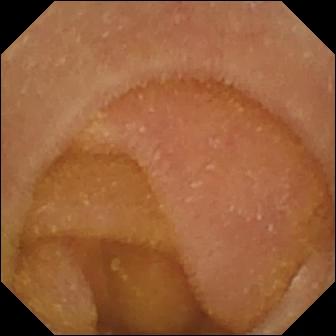Wireless capsule endoscopy — normal clean mucosa.